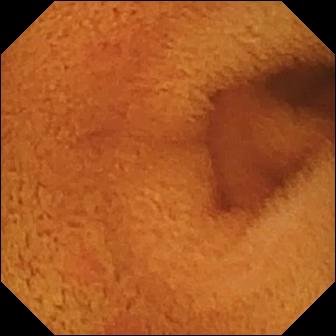modality: WCE
finding: normal clean mucosa